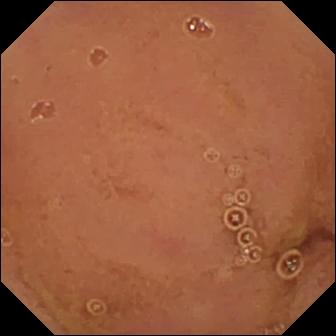{"modality": "WCE", "finding": "normal clean mucosa"}